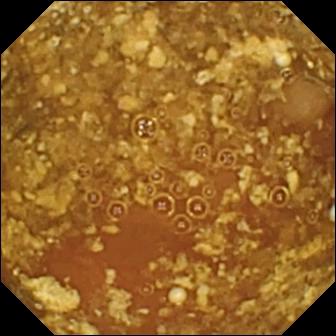Q: What does this capsule endoscopy view show?
A: Reduced mucosal view (content or bubbles obscuring the mucosa).